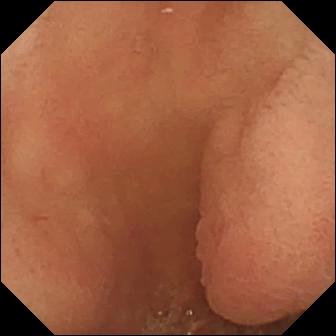Video capsule endoscopy frame. Taken in the pylorus region.